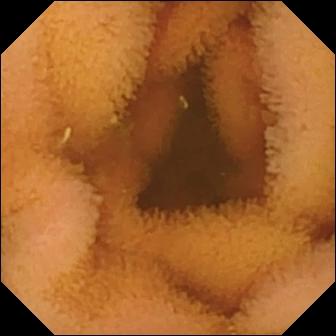Small-bowel capsule endoscopy. Observation: normal clean mucosa.